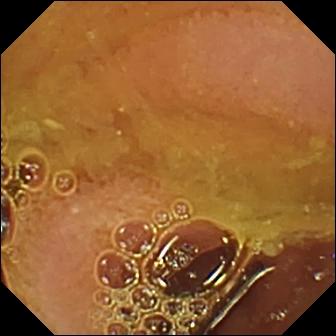Q: What does this capsule endoscopy snapshot show?
A: Normal clean mucosa.